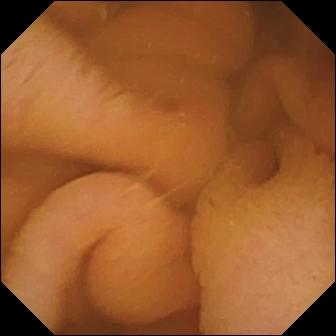- modality: small-bowel capsule endoscopy
- segment: small intestine
- impression: normal clean mucosa